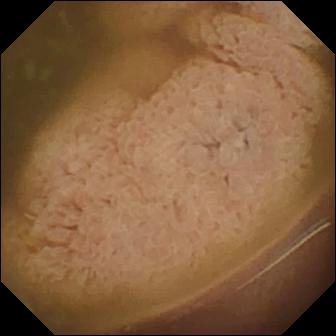modality: VCE
position: ileo-cecal valve region (where the capsule passes from the small bowel into the large bowel)